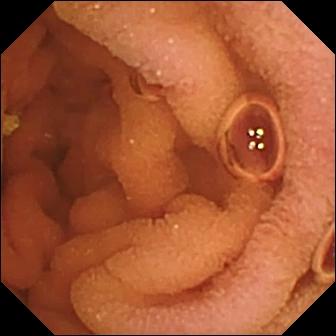VCE — normal clean mucosa.